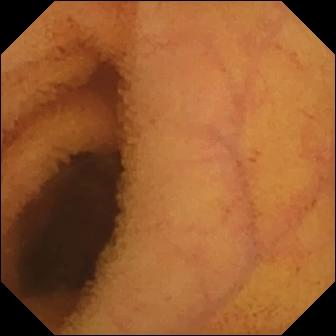Normal clean mucosa.